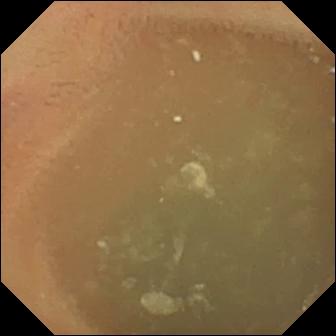modality: VCE | finding: normal clean mucosa